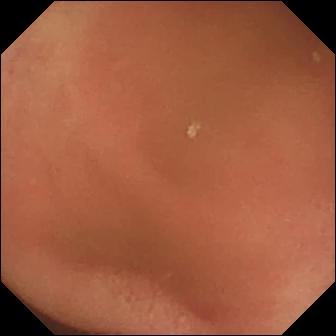WCE — pylorus region (the junction between the stomach and the small bowel).